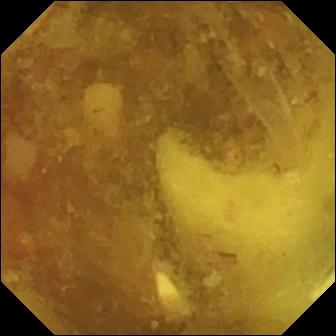Reduced mucosal view (content or bubbles obscuring the mucosa) — small-bowel capsule endoscopy still of the small bowel.